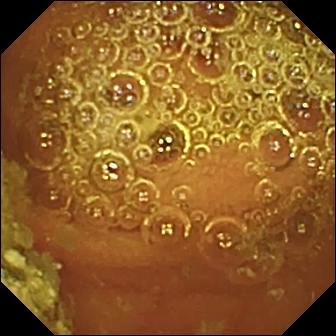Normal clean mucosa — VCE frame.